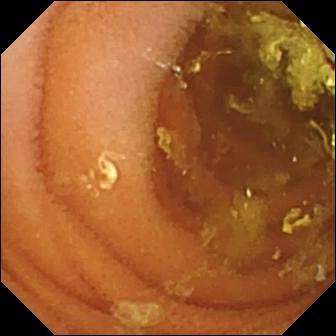This wireless capsule endoscopy frame shows normal clean mucosa.